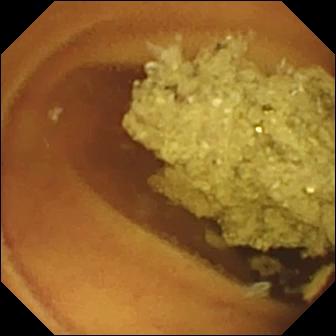Wireless capsule endoscopy image (small bowel), 336×336. Normal clean mucosa.